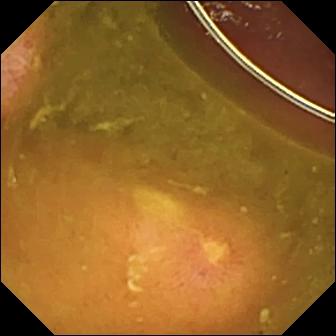Capsule endoscopy snapshot
Label: ulcer